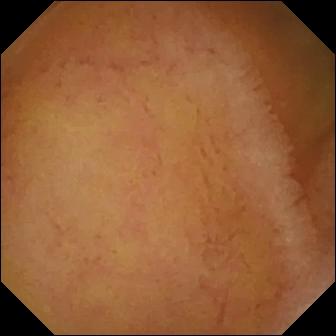Q: What does this capsule endoscopy snapshot of the small intestine show?
A: Normal clean mucosa.